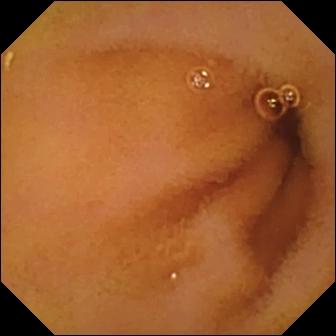This WCE view shows normal clean mucosa.